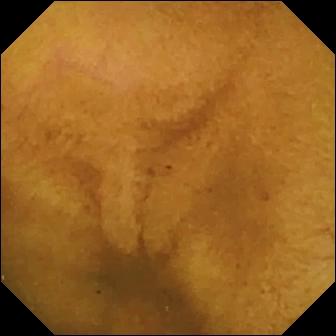Wireless capsule endoscopy — normal clean mucosa.